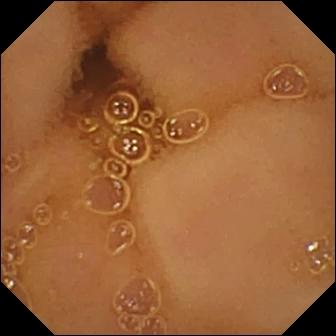- modality: small-bowel capsule endoscopy
- category: luminal finding
- label: normal clean mucosa